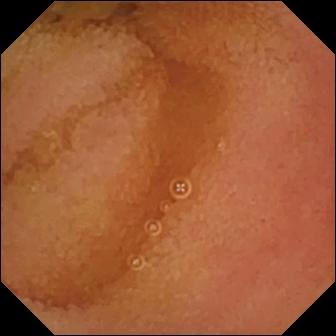Normal clean mucosa — VCE still of the small bowel.